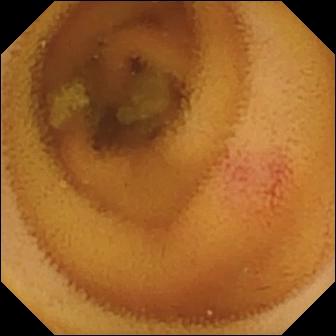PROCEDURE: Wireless capsule endoscopy.
FINDINGS: Angiectasia.